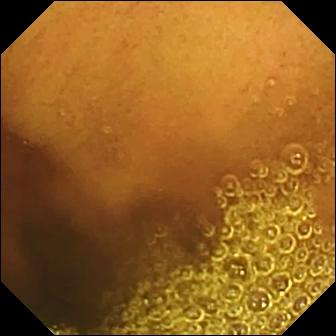{"modality": "VCE", "segment": "small bowel", "finding": "normal clean mucosa"}